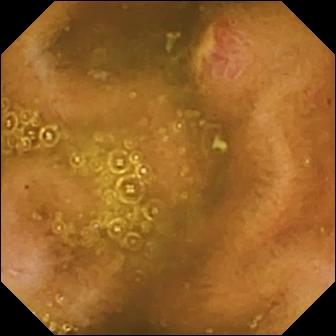Small-bowel capsule endoscopy. Luminal finding. Observation: ulcer.